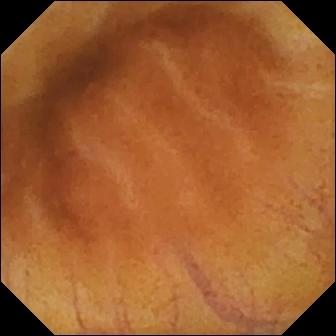- modality: WCE
- category: luminal finding
- observation: normal clean mucosa